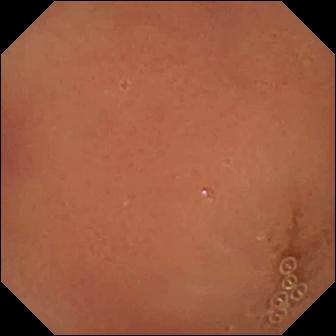Q: What does this VCE frame show?
A: Normal clean mucosa.